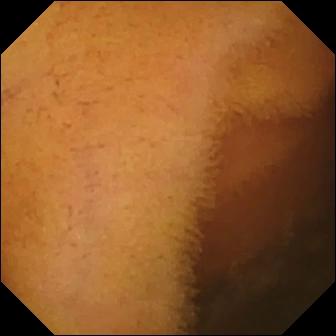Wireless capsule endoscopy view, small bowel
Finding: normal clean mucosa